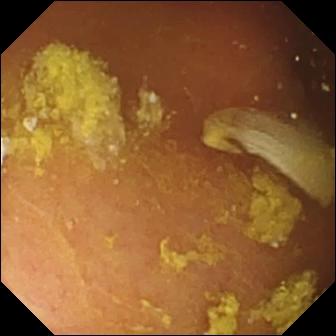- modality: WCE
- observation: foreign body (e.g. retained capsule, tablet residue)